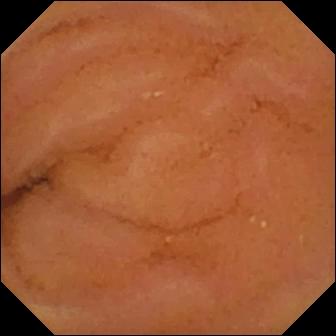WCE image showing normal clean mucosa.